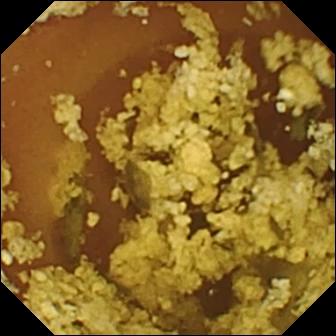Normal clean mucosa — wireless capsule endoscopy view of the small bowel.